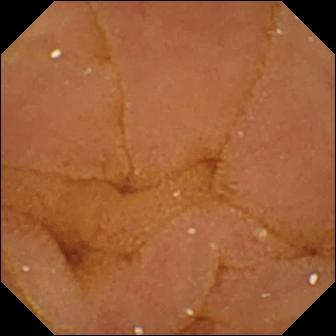{"modality": "WCE", "segment": "small bowel", "finding": "normal clean mucosa"}